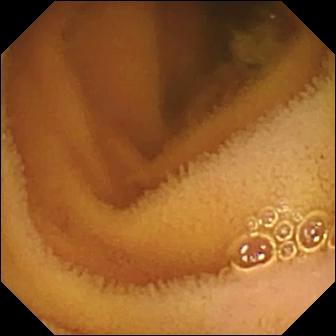Normal clean mucosa.